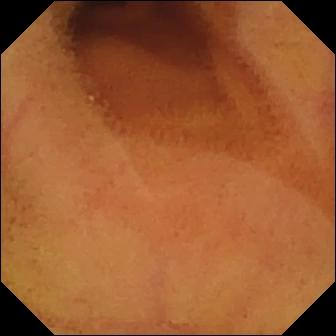Video capsule endoscopy image, 336×336. Normal clean mucosa.